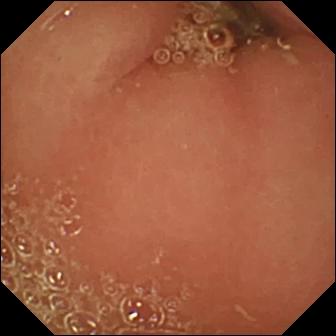Pylorus region (where the capsule passes from the stomach into the small bowel) — wireless capsule endoscopy still.